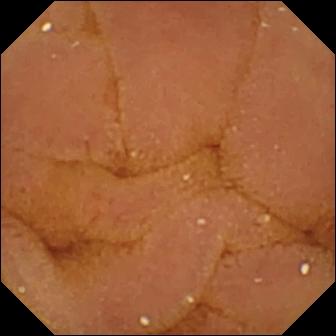modality: video capsule endoscopy; impression: normal clean mucosa